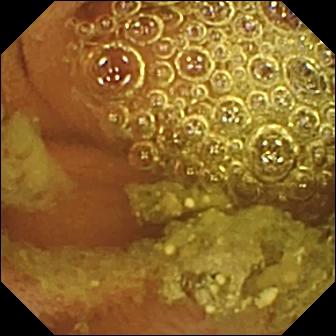Normal clean mucosa — small-bowel capsule endoscopy still.